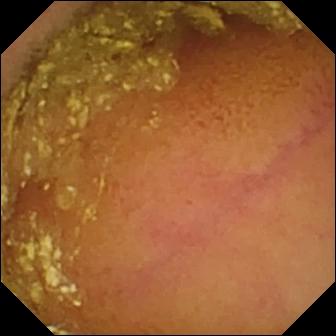Normal clean mucosa.